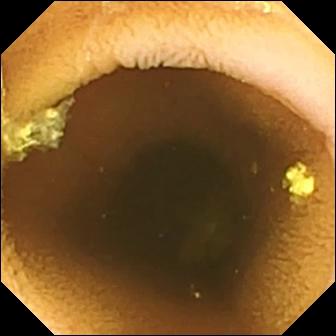modality: WCE
segment: small bowel
category: luminal finding
finding: normal clean mucosa